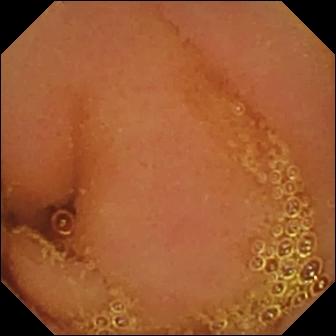WCE snapshot. Normal clean mucosa.